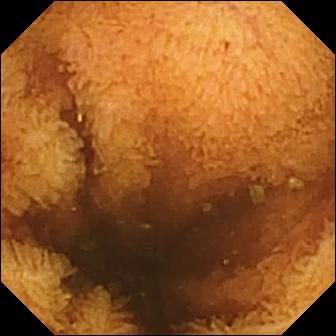Q: What does this small-bowel capsule endoscopy frame show?
A: Normal clean mucosa.